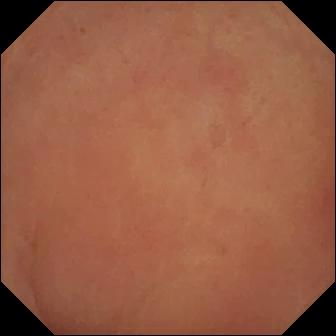Pylorus region — small-bowel capsule endoscopy snapshot.